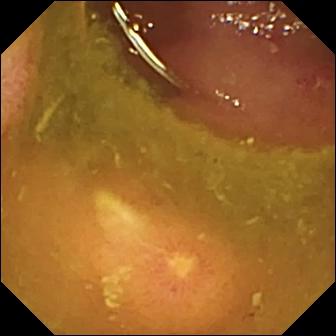Video capsule endoscopy view showing ulcer.